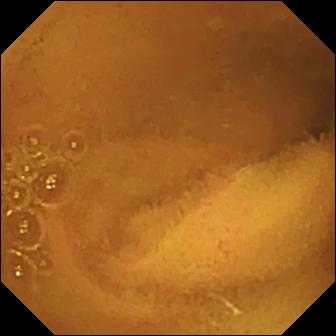This small-bowel capsule endoscopy image of the small bowel shows normal clean mucosa.